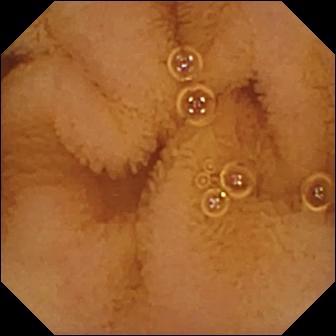WCE snapshot showing normal clean mucosa.